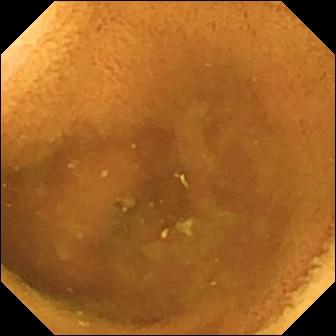{"modality": "wireless capsule endoscopy", "segment": "small bowel", "category": "luminal finding", "finding": "normal clean mucosa"}